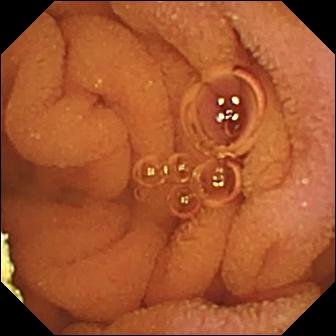This wireless capsule endoscopy image of the small intestine shows normal clean mucosa.